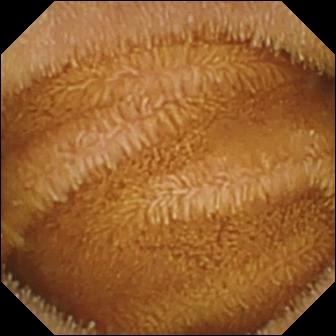Normal clean mucosa — video capsule endoscopy view.